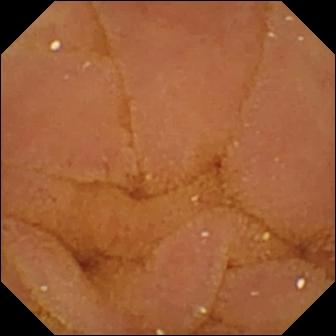Normal clean mucosa.